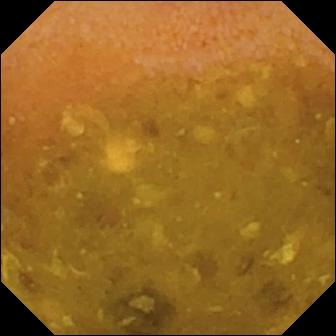- modality: small-bowel capsule endoscopy
- segment: small bowel
- observation: reduced mucosal view (content or bubbles obscuring the mucosa)